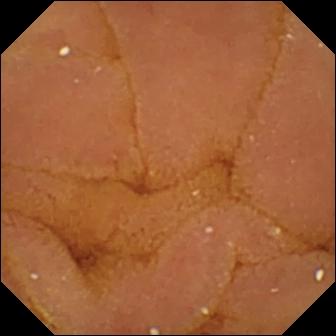{"modality": "WCE", "finding": "normal clean mucosa"}